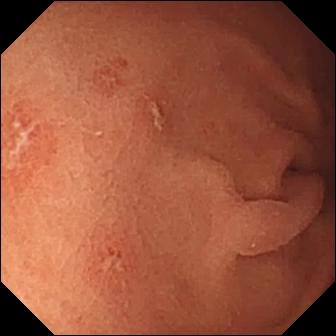- modality: capsule endoscopy
- impression: erosion